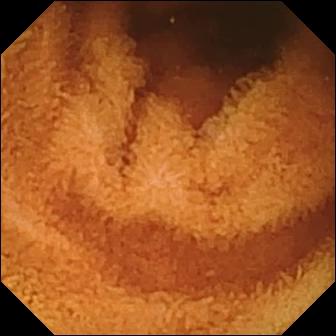{"modality": "small-bowel capsule endoscopy", "segment": "small intestine", "category": "luminal finding", "finding": "normal clean mucosa"}